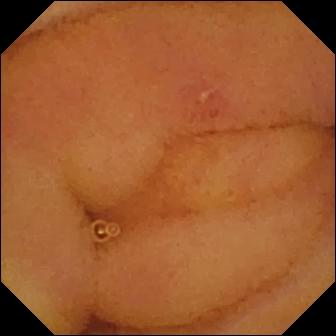Q: What does this video capsule endoscopy frame show?
A: Erosion.